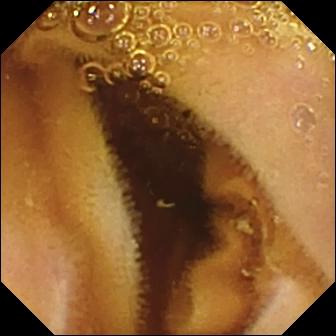Capsule endoscopy image
Label: normal clean mucosa